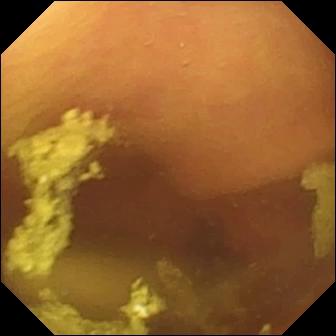VCE still showing foreign body (e.g. retained capsule, tablet residue).